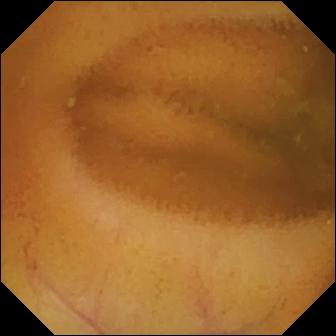{"modality": "WCE", "segment": "small intestine", "finding": "normal clean mucosa"}